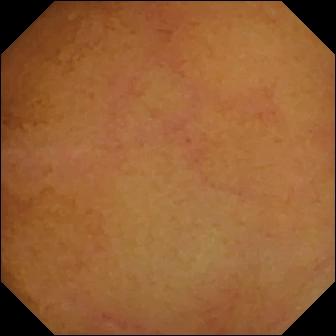modality: wireless capsule endoscopy
segment: small intestine
impression: normal clean mucosa